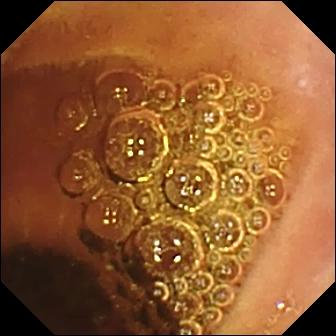Small-bowel capsule endoscopy. Luminal finding. Observation: normal clean mucosa.